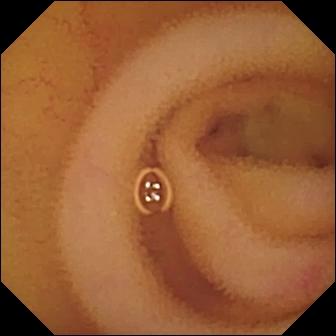- modality: VCE
- label: angiectasia